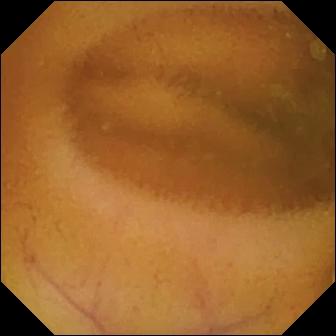PROCEDURE: Video capsule endoscopy.
SEGMENT: Small bowel.
FINDINGS: Normal clean mucosa.